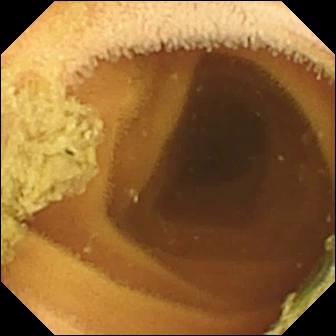{"modality": "VCE", "finding": "normal clean mucosa"}